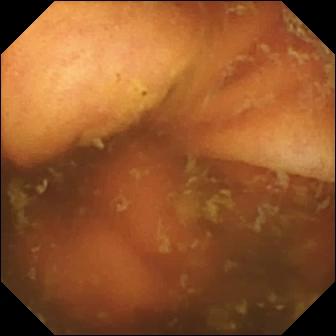PROCEDURE: Capsule endoscopy.
VIDEO SEGMENT: Ileo-cecal valve region (the transition from the small bowel to the large bowel).